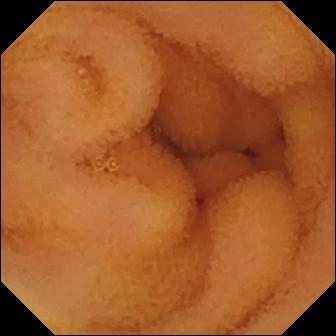Capsule endoscopy still (small bowel). Normal clean mucosa.